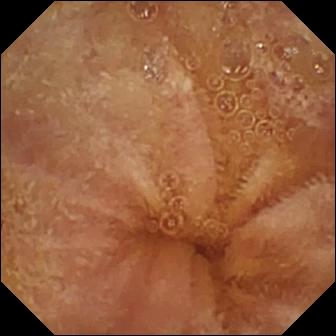This video capsule endoscopy snapshot shows normal clean mucosa.